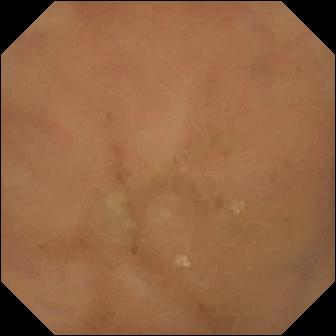Q: What does this video capsule endoscopy still show?
A: Normal clean mucosa.